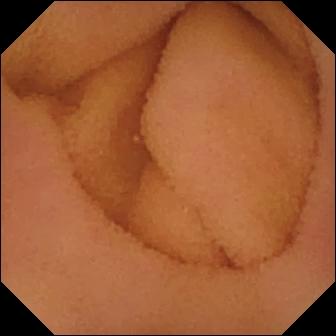- modality: wireless capsule endoscopy
- segment: small intestine
- category: luminal finding
- impression: normal clean mucosa